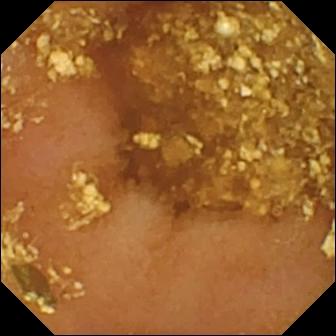modality: WCE | segment: small bowel | finding: reduced mucosal view (content or bubbles obscuring the mucosa)